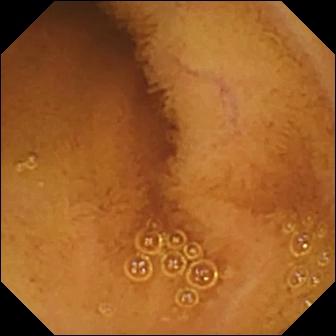This small-bowel capsule endoscopy image shows normal clean mucosa.